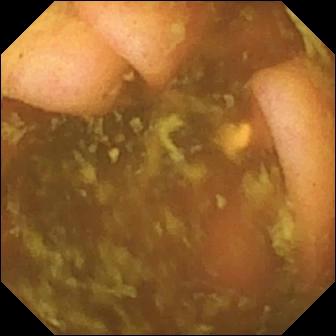{"modality": "capsule endoscopy", "category": "anatomical landmark", "position": "ileo-cecal valve region"}